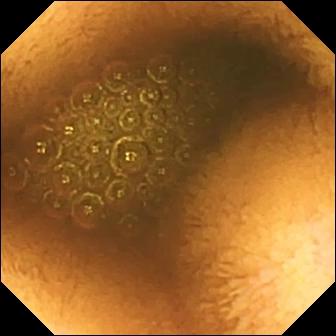Wireless capsule endoscopy image, 336×336. Reduced mucosal view (content or bubbles obscuring the mucosa).